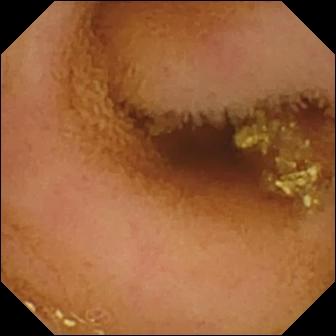Normal clean mucosa — VCE snapshot.